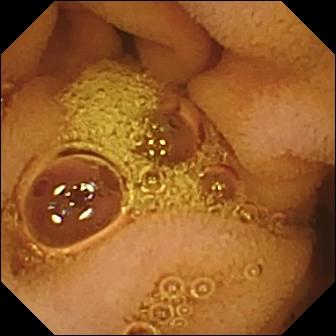This capsule endoscopy frame shows normal clean mucosa.